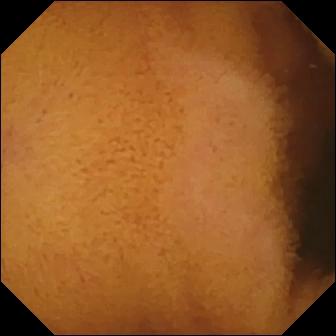WCE. Luminal finding. Label: normal clean mucosa.